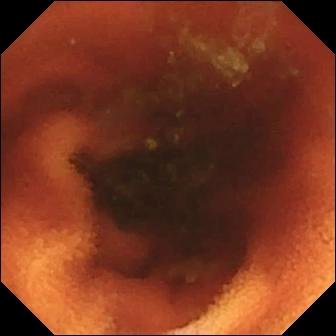Small-bowel capsule endoscopy. Near an anatomical landmark. Label: ileo-cecal valve region (where the capsule passes from the small bowel into the large bowel).